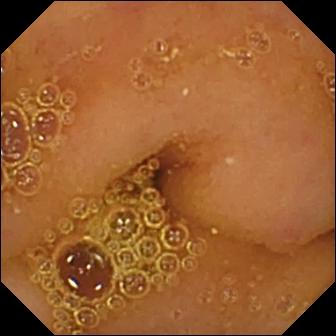Capsule endoscopy image showing normal clean mucosa.